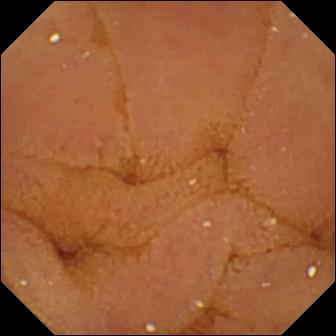VCE frame of the small bowel showing normal clean mucosa.